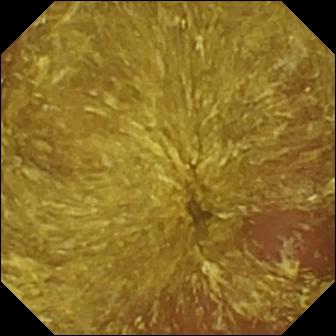- modality: small-bowel capsule endoscopy
- segment: small bowel
- finding: reduced mucosal view (content or bubbles obscuring the mucosa)